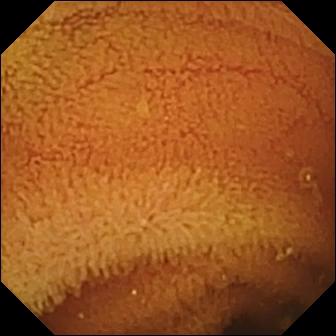- modality: small-bowel capsule endoscopy
- segment: small intestine
- label: normal clean mucosa